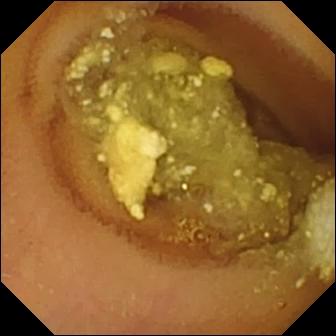Capsule endoscopy — lymphangiectasia.